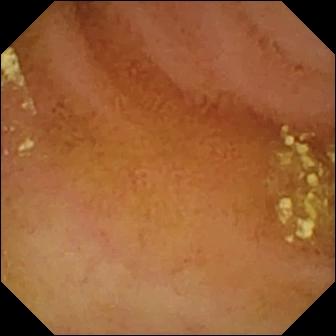Video capsule endoscopy image. Normal clean mucosa.